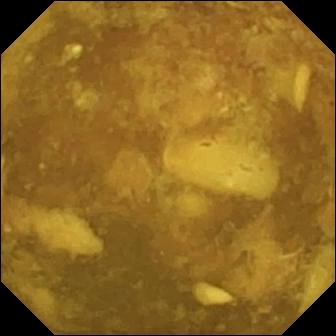This WCE snapshot of the small bowel shows reduced mucosal view (content or bubbles obscuring the mucosa).